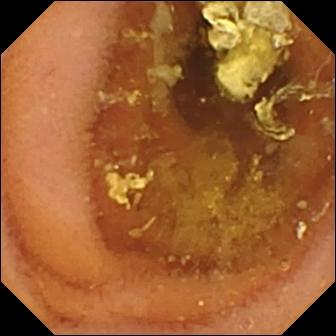Video capsule endoscopy frame showing normal clean mucosa.